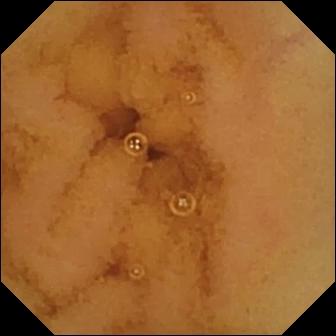Video capsule endoscopy frame, small bowel
Impression: normal clean mucosa